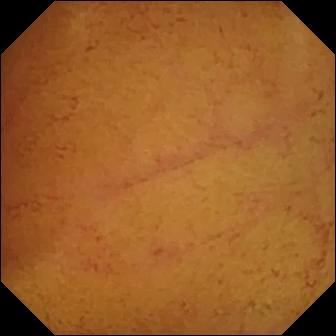Small-bowel capsule endoscopy — normal clean mucosa.